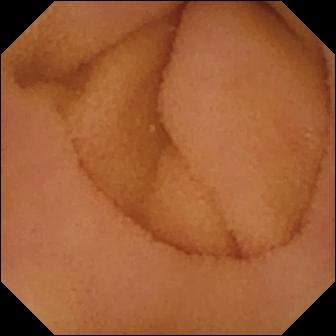Video capsule endoscopy. Small intestine. Impression: normal clean mucosa.